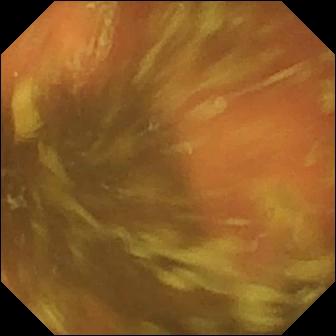This video capsule endoscopy view was taken in the ileo-cecal valve region (where the capsule passes from the small bowel into the large bowel).